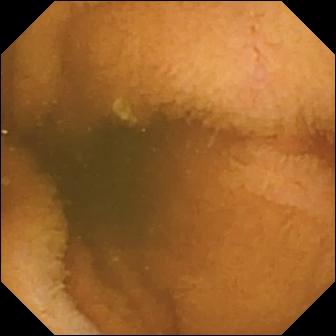modality: video capsule endoscopy
category: luminal finding
finding: normal clean mucosa